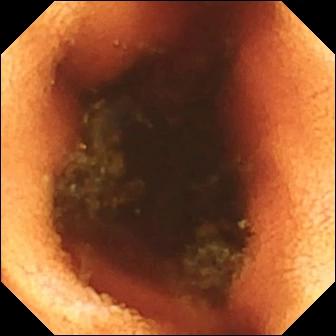Capsule endoscopy image. Taken in the ileo-cecal valve region.